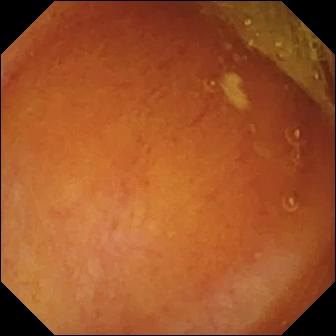WCE snapshot. Normal clean mucosa.